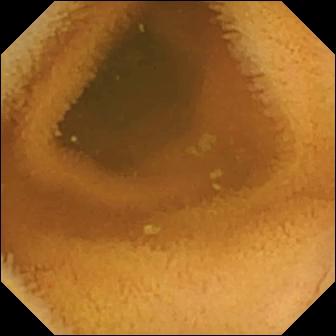Normal clean mucosa.